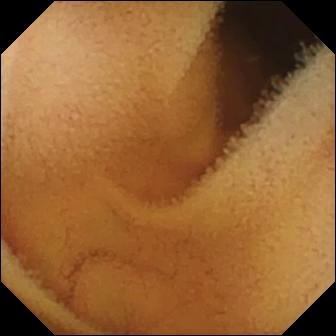WCE frame. Normal clean mucosa.